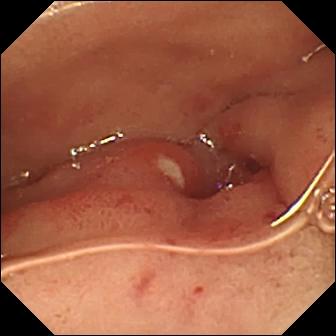modality: capsule endoscopy; category: luminal finding; label: ulcer